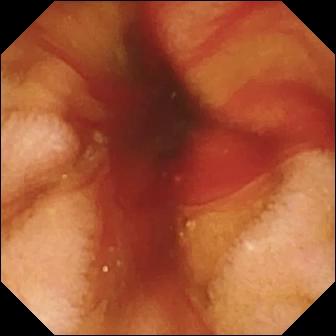Fresh blood in the lumen — WCE view.